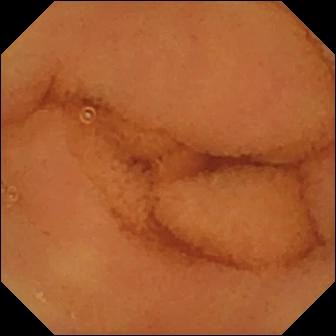WCE. Luminal finding. Label: normal clean mucosa.